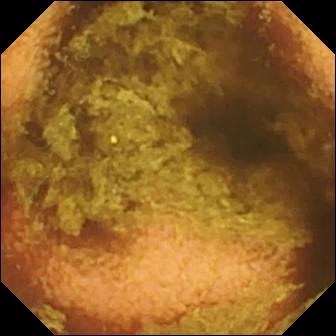Wireless capsule endoscopy. Small intestine. Luminal finding. Finding: normal clean mucosa.